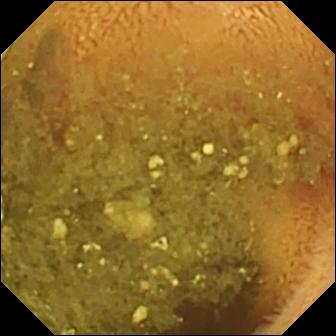- modality: capsule endoscopy
- observation: reduced mucosal view (content or bubbles obscuring the mucosa)